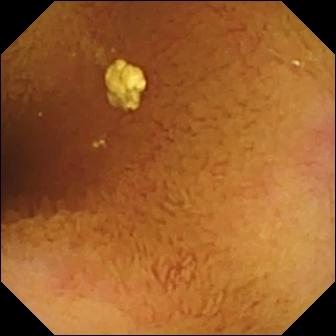- modality: wireless capsule endoscopy
- segment: small intestine
- finding: normal clean mucosa